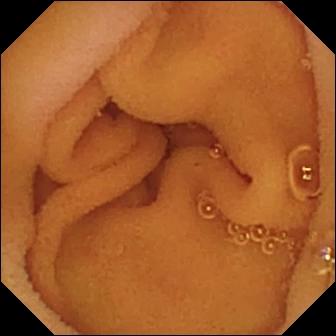Capsule endoscopy view showing normal clean mucosa.